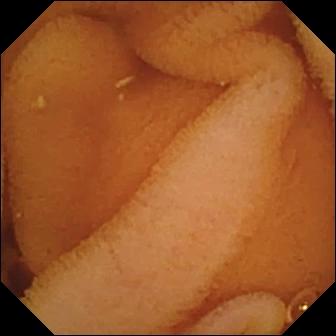Capsule endoscopy view of the small intestine showing normal clean mucosa.